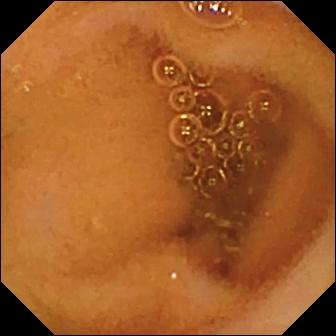Normal clean mucosa — capsule endoscopy snapshot.